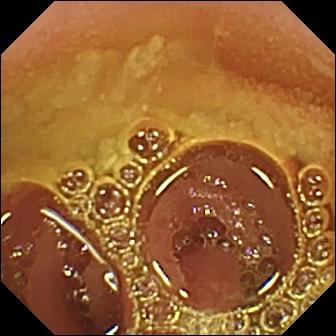Normal clean mucosa — VCE image of the small intestine.